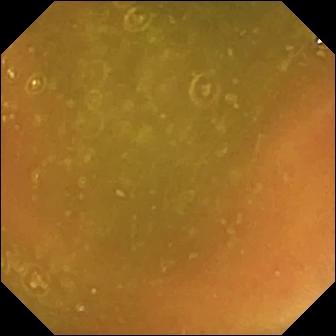Video capsule endoscopy. Near an anatomical landmark. Video segment: ileo-cecal valve region.